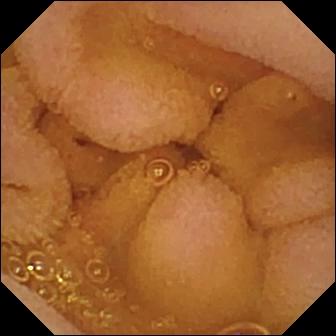Small-bowel capsule endoscopy — normal clean mucosa.